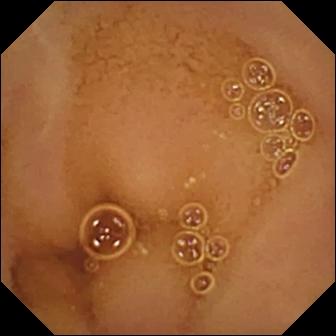modality: VCE | impression: normal clean mucosa